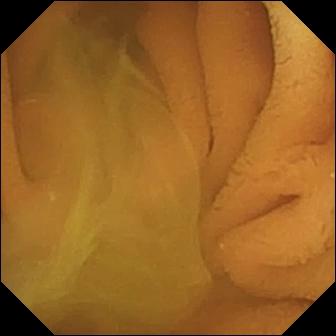Small-bowel capsule endoscopy — normal clean mucosa.